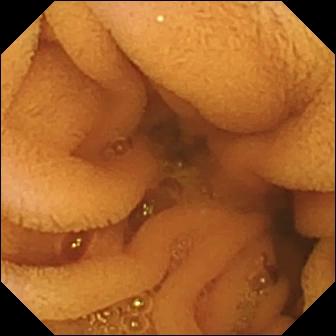{"modality": "video capsule endoscopy", "finding": "normal clean mucosa"}